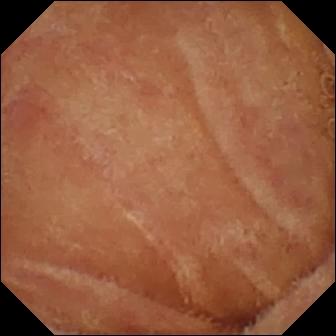Q: What does this capsule endoscopy view show?
A: Normal clean mucosa.